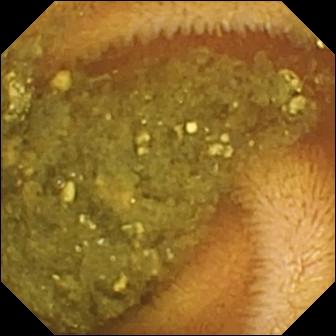VCE snapshot. Reduced mucosal view (content or bubbles obscuring the mucosa).